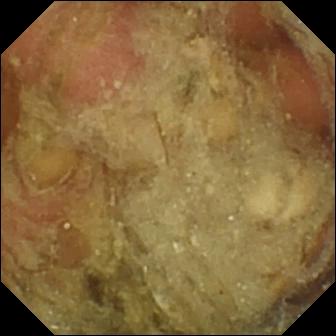Capsule endoscopy — pylorus region.